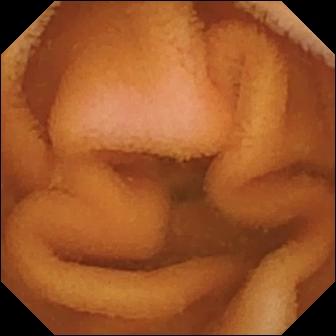VCE frame, small intestine
Impression: normal clean mucosa